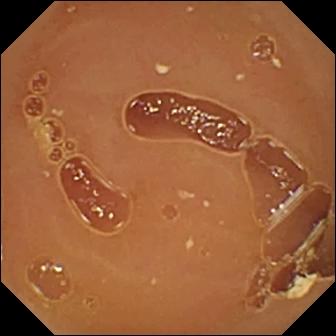Wireless capsule endoscopy frame (small bowel). Normal clean mucosa.